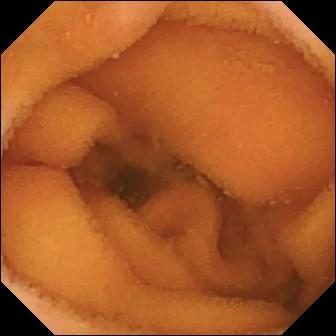This video capsule endoscopy view shows normal clean mucosa.